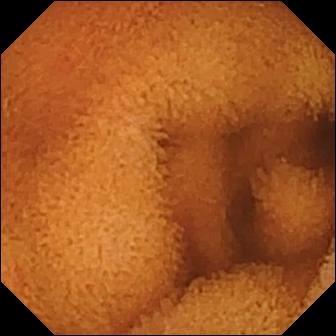Video capsule endoscopy image showing normal clean mucosa.